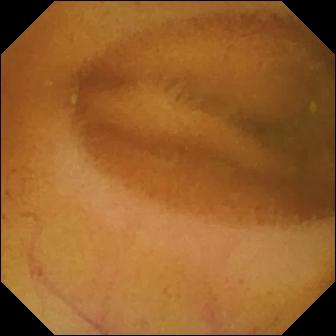PROCEDURE: Small-bowel capsule endoscopy.
FINDINGS: Normal clean mucosa.